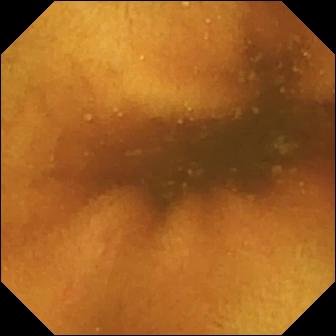{"modality": "VCE", "segment": "small intestine", "finding": "normal clean mucosa"}